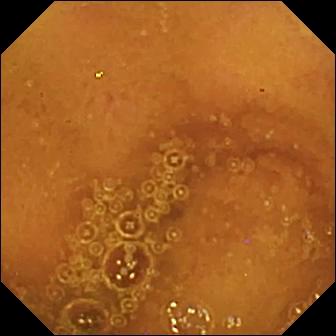modality: small-bowel capsule endoscopy | label: normal clean mucosa